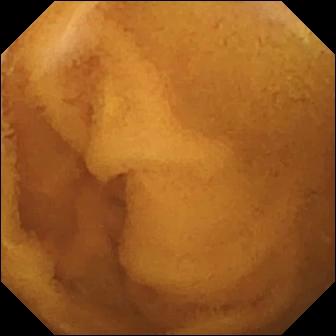Video capsule endoscopy snapshot of the small intestine showing normal clean mucosa.